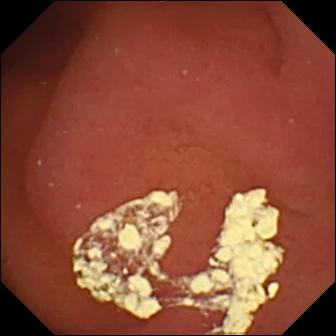Capsule endoscopy view. Taken in the pylorus region (the junction between the stomach and the small bowel).